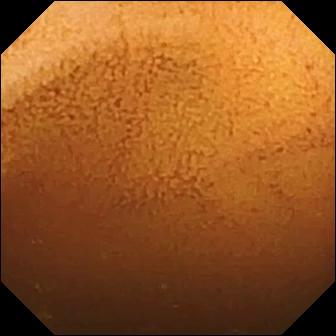This VCE still shows normal clean mucosa.